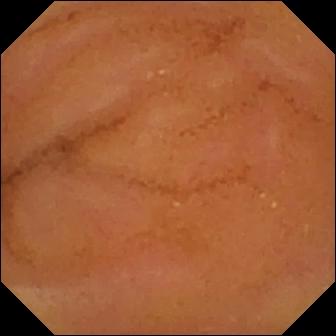WCE — normal clean mucosa.